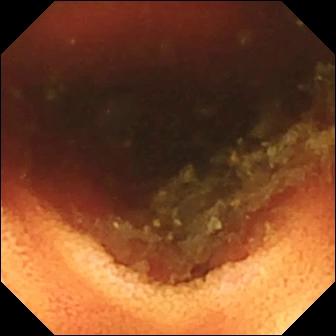{"modality": "small-bowel capsule endoscopy", "position": "ileo-cecal valve region"}